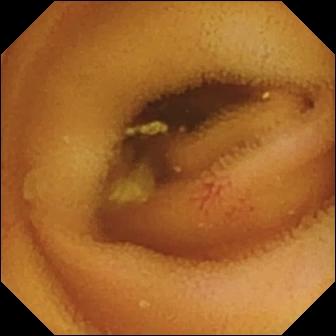modality: wireless capsule endoscopy | category: luminal finding | finding: angiectasia